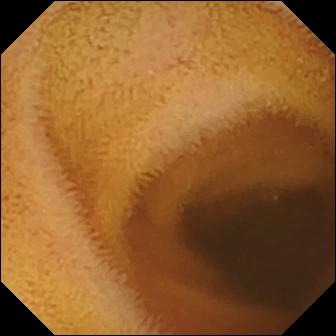modality: VCE
segment: small bowel
finding: normal clean mucosa